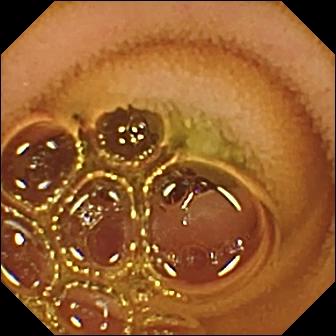Q: What does this capsule endoscopy image of the small intestine show?
A: Normal clean mucosa.